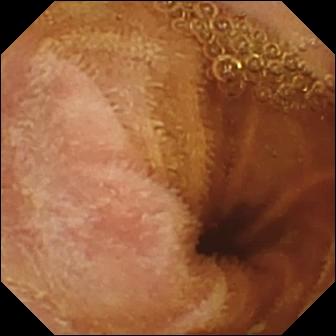This WCE view of the small intestine shows normal clean mucosa.